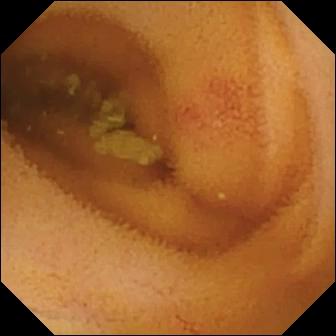PROCEDURE: VCE.
FINDINGS: Angiectasia.